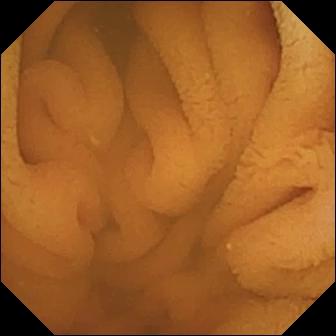Normal clean mucosa (336×336).